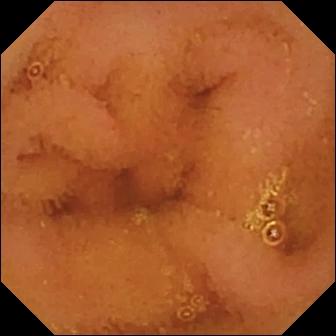Q: What does this video capsule endoscopy view of the small intestine show?
A: Normal clean mucosa.